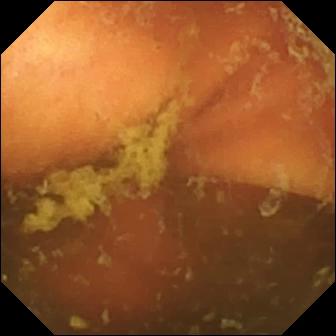- modality: video capsule endoscopy
- label: ileo-cecal valve region (the transition from the small bowel to the large bowel)